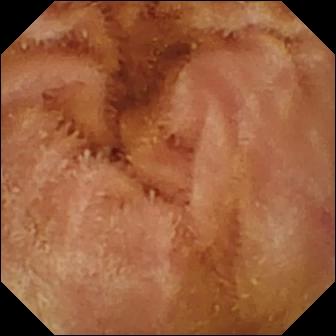- modality: capsule endoscopy
- segment: small bowel
- category: luminal finding
- finding: normal clean mucosa